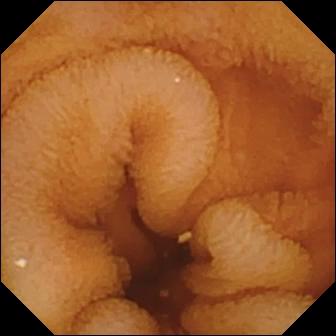modality: WCE; impression: normal clean mucosa